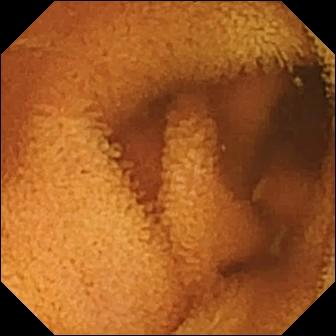Q: What does this video capsule endoscopy snapshot of the small bowel show?
A: Normal clean mucosa.